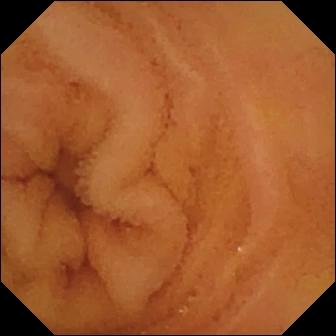Video capsule endoscopy — normal clean mucosa.